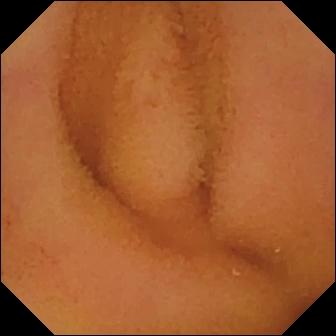- modality: WCE
- finding: normal clean mucosa